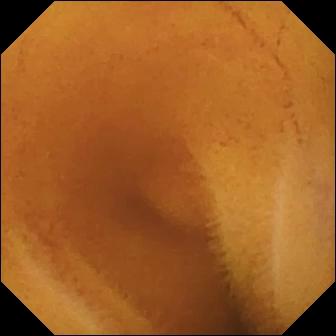{"modality": "WCE", "segment": "small bowel", "category": "luminal finding", "finding": "normal clean mucosa"}